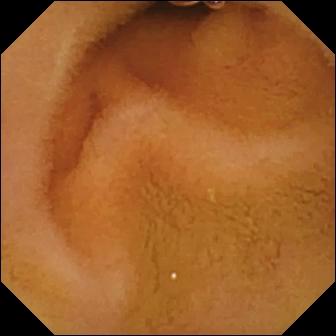{"modality": "video capsule endoscopy", "segment": "small bowel", "finding": "normal clean mucosa"}